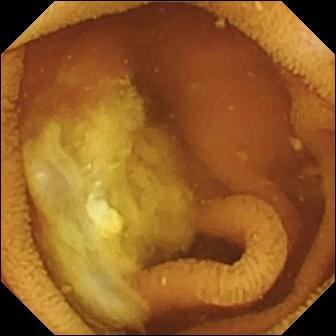Wireless capsule endoscopy. Small intestine. Observation: normal clean mucosa.